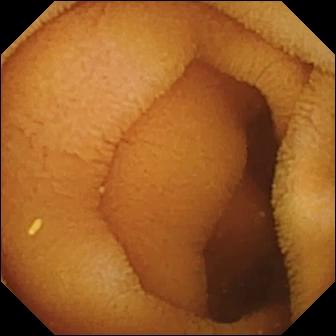Wireless capsule endoscopy image showing normal clean mucosa.